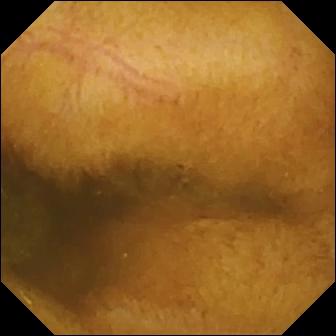Capsule endoscopy snapshot of the small bowel showing normal clean mucosa.